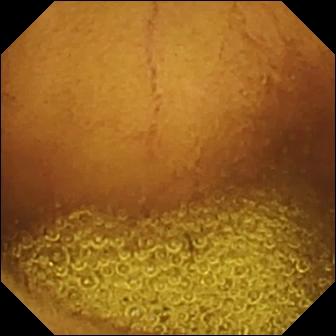Wireless capsule endoscopy view, small intestine
Label: normal clean mucosa